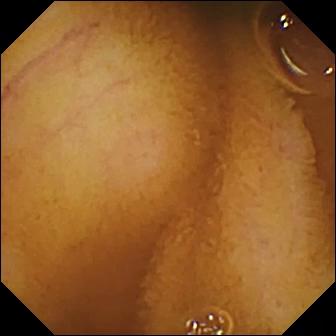Q: What does this wireless capsule endoscopy view of the small intestine show?
A: Normal clean mucosa.